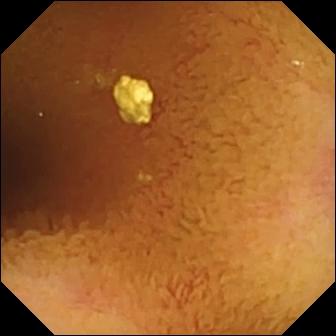{"modality": "video capsule endoscopy", "segment": "small bowel", "category": "luminal finding", "finding": "normal clean mucosa"}